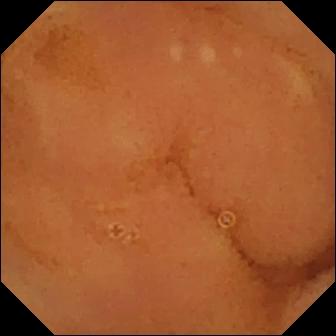Normal clean mucosa.